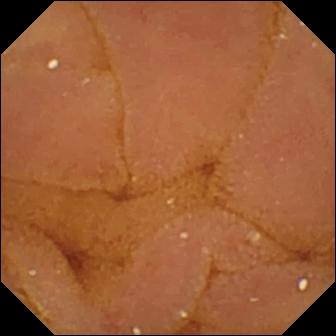PROCEDURE: Capsule endoscopy.
FINDINGS: Normal clean mucosa.